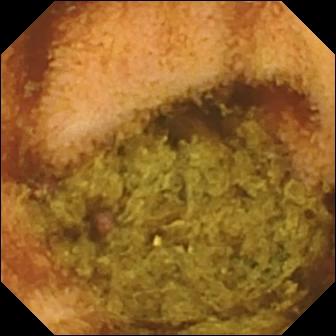PROCEDURE: VCE.
FINDINGS: Normal clean mucosa.